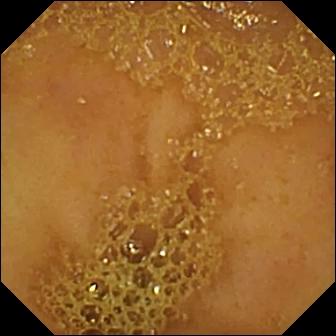Q: Where in the digestive tract was this WCE still taken?
A: Ileo-cecal valve region.